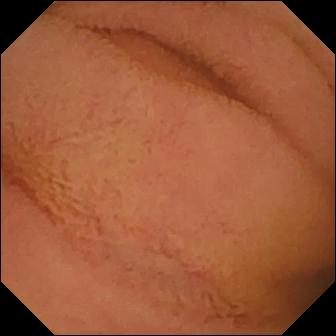Normal clean mucosa.